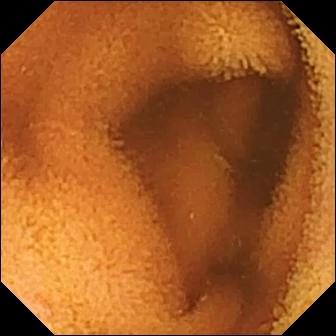Wireless capsule endoscopy frame, small bowel
Impression: normal clean mucosa